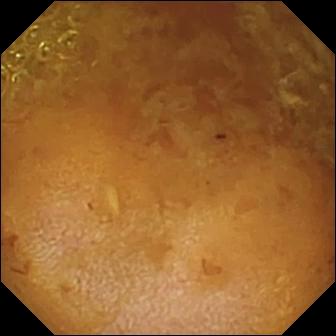Reduced mucosal view (content or bubbles obscuring the mucosa) — wireless capsule endoscopy snapshot of the small intestine.